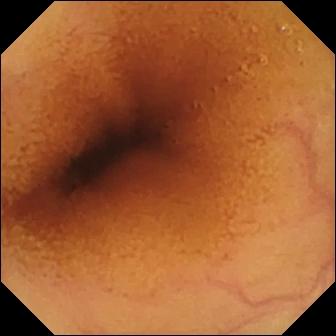Wireless capsule endoscopy. Observation: normal clean mucosa.